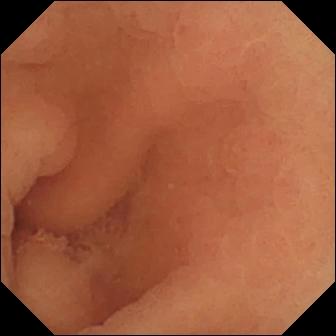Video capsule endoscopy image
Finding: normal clean mucosa